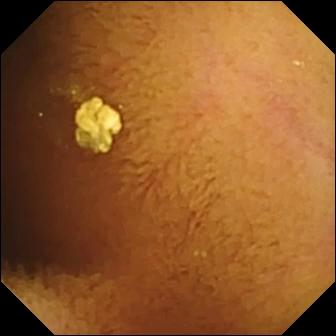Normal clean mucosa — small-bowel capsule endoscopy still of the small intestine.